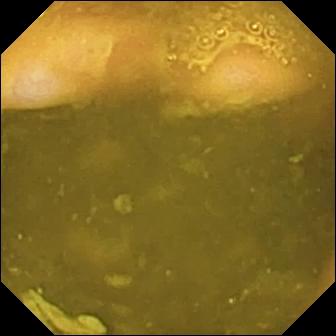Ileo-cecal valve region (where the capsule passes from the small bowel into the large bowel) — small-bowel capsule endoscopy view.